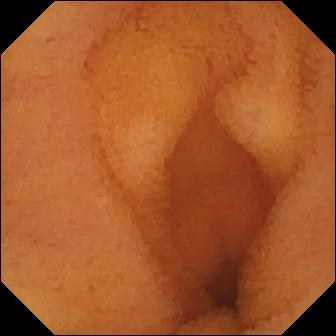Q: What does this WCE frame show?
A: Normal clean mucosa.